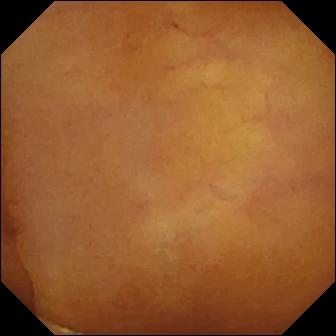VCE. Observation: normal clean mucosa.